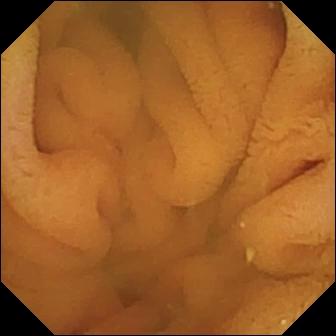VCE — normal clean mucosa.